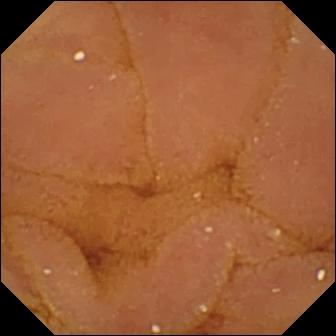Wireless capsule endoscopy image, small intestine
Label: normal clean mucosa